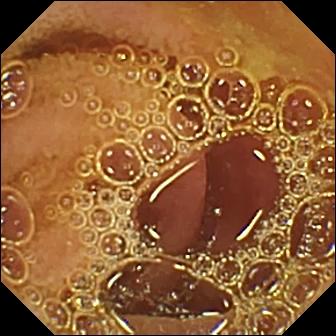Normal clean mucosa.